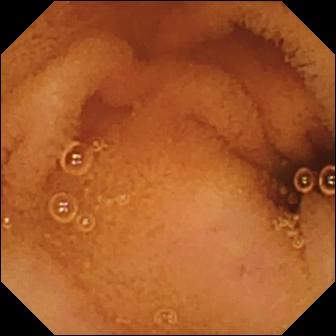Capsule endoscopy. Small intestine. Label: normal clean mucosa.